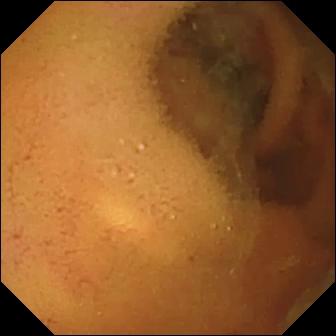Normal clean mucosa — VCE still of the small intestine.